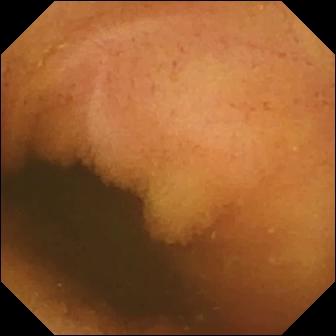WCE snapshot (small bowel). Normal clean mucosa.